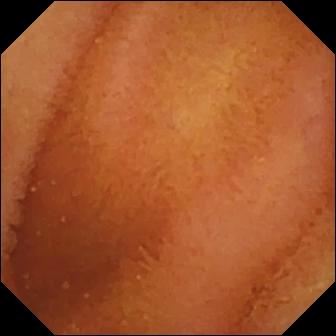- modality: capsule endoscopy
- segment: small intestine
- impression: normal clean mucosa